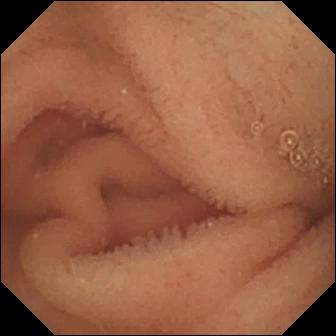This capsule endoscopy snapshot shows normal clean mucosa.